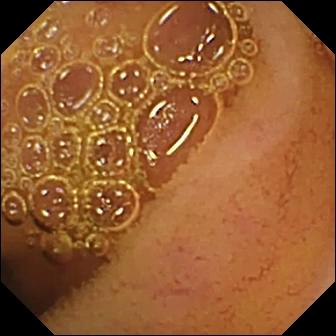PROCEDURE: VCE.
SEGMENT: Small intestine.
FINDINGS: Normal clean mucosa.